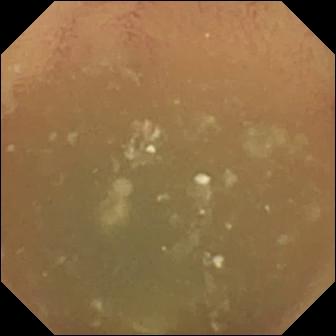Video capsule endoscopy snapshot of the small intestine showing normal clean mucosa.